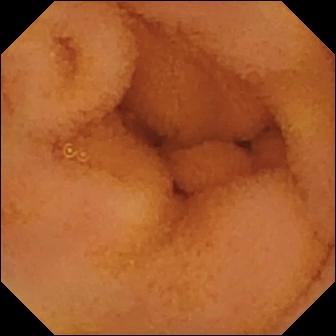Small-bowel capsule endoscopy. Finding: normal clean mucosa.